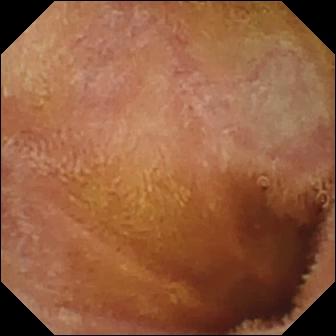- modality: small-bowel capsule endoscopy
- segment: small bowel
- impression: normal clean mucosa